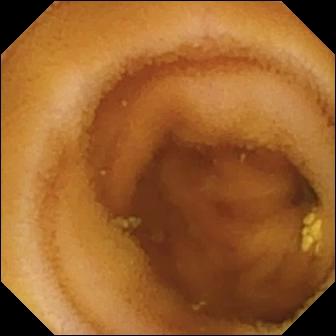Capsule endoscopy still
Observation: lymphangiectasia